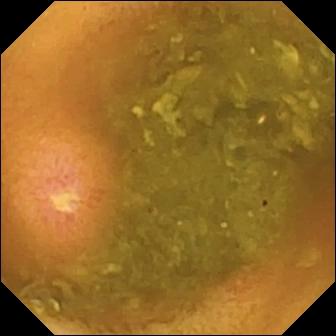Wireless capsule endoscopy image showing ulcer.